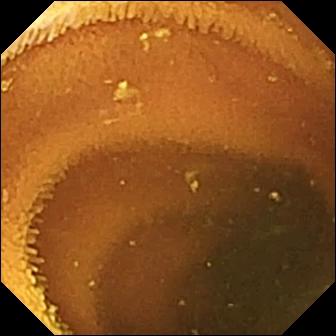Small-bowel capsule endoscopy image
Label: normal clean mucosa